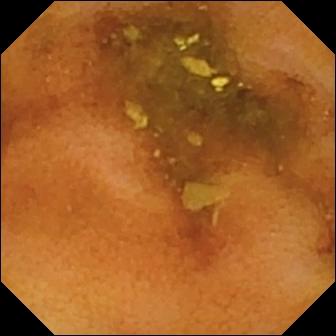PROCEDURE: VCE.
SEGMENT: Small intestine.
FINDINGS: Normal clean mucosa.